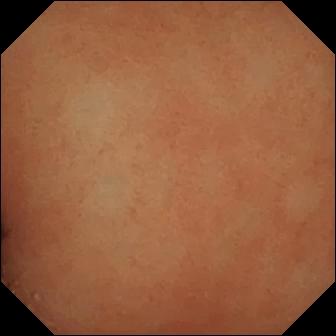Normal clean mucosa (336×336).